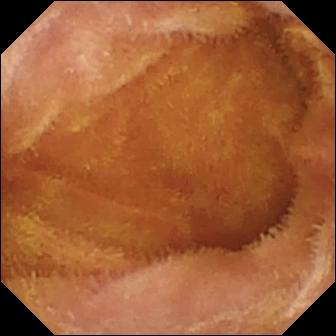PROCEDURE: Video capsule endoscopy.
FINDINGS: Normal clean mucosa.